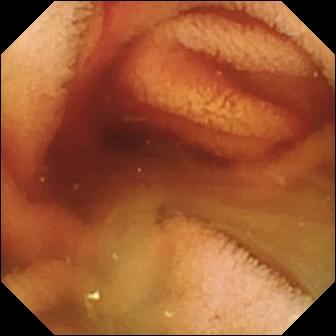Video capsule endoscopy — fresh blood in the lumen.